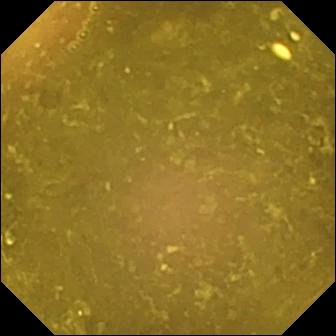- modality: WCE
- segment: small intestine
- impression: reduced mucosal view (content or bubbles obscuring the mucosa)